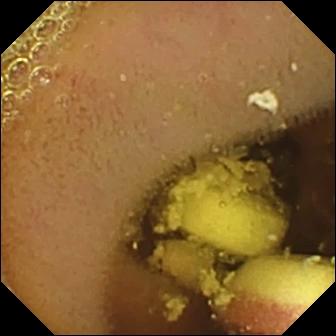- modality: small-bowel capsule endoscopy
- label: foreign body (e.g. retained capsule, tablet residue)